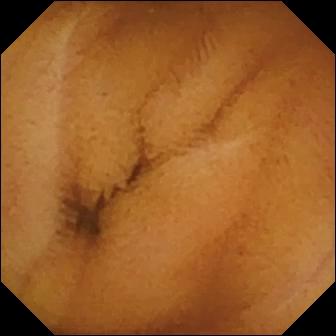{"modality": "wireless capsule endoscopy", "segment": "small bowel", "finding": "normal clean mucosa"}